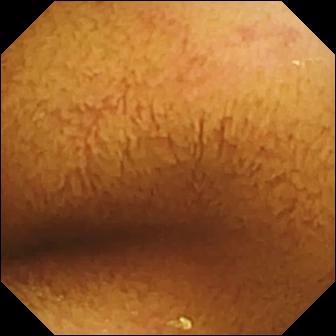PROCEDURE: Video capsule endoscopy.
FINDINGS: Normal clean mucosa.